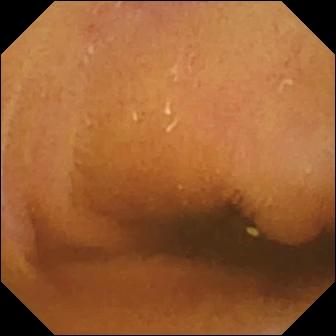VCE — normal clean mucosa.